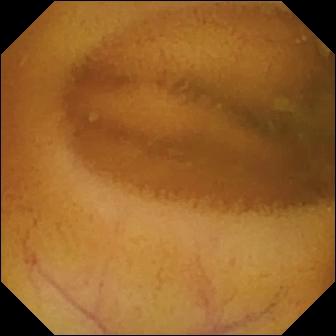WCE snapshot (small intestine). Normal clean mucosa.